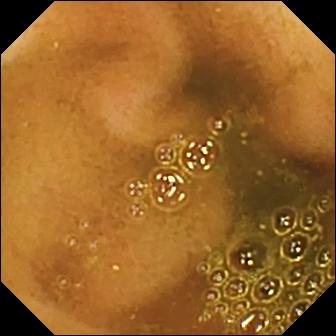This WCE snapshot was taken in the ileo-cecal valve region (the transition from the small bowel to the large bowel).